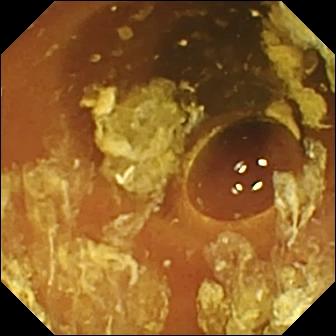VCE snapshot
Label: normal clean mucosa